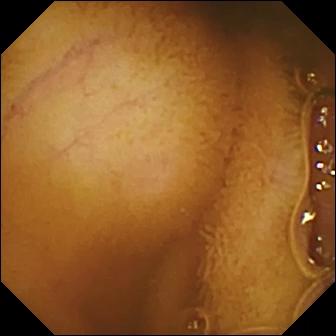{"modality": "capsule endoscopy", "segment": "small intestine", "category": "luminal finding", "finding": "normal clean mucosa"}